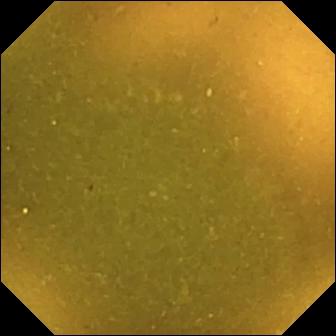Q: Where in the digestive tract was this WCE view taken?
A: Ileo-cecal valve region (where the capsule passes from the small bowel into the large bowel).